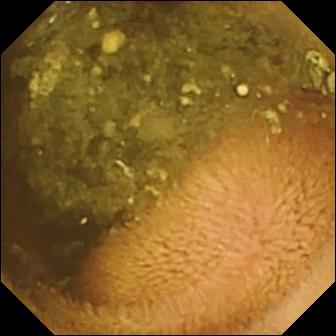Wireless capsule endoscopy still (small bowel). Reduced mucosal view (content or bubbles obscuring the mucosa).